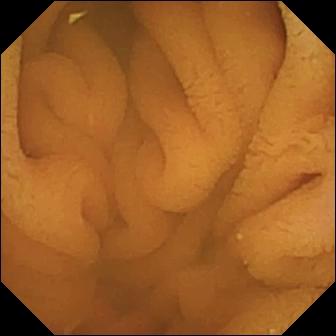WCE image
Impression: normal clean mucosa